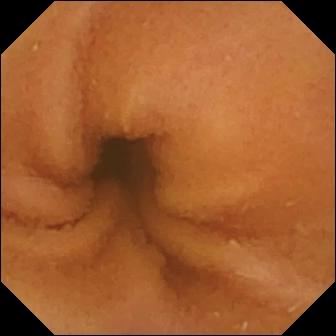Small-bowel capsule endoscopy frame. Normal clean mucosa.